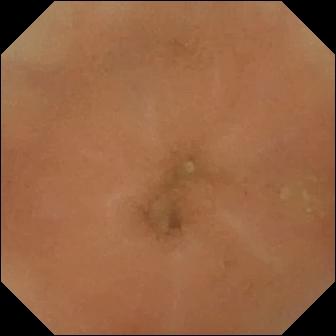Normal clean mucosa (336×336).